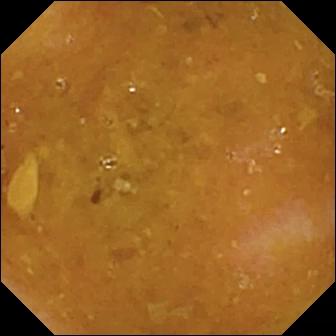{"modality": "WCE", "finding": "reduced mucosal view (content or bubbles obscuring the mucosa)"}